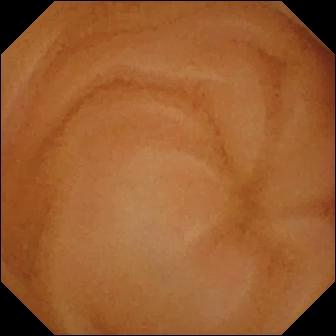Wireless capsule endoscopy — normal clean mucosa.